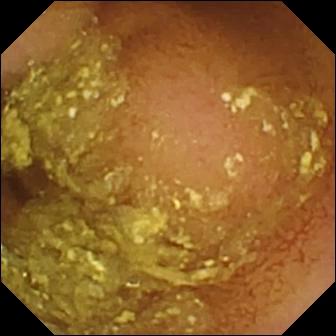Q: What does this VCE view show?
A: Normal clean mucosa.